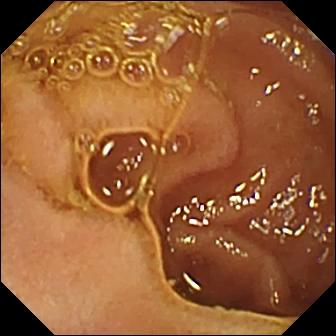Wireless capsule endoscopy image, small intestine
Finding: normal clean mucosa